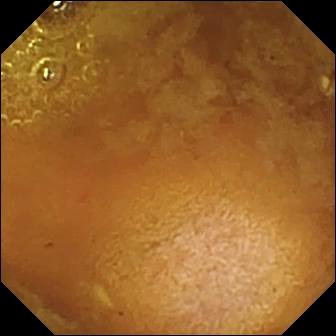Reduced mucosal view (content or bubbles obscuring the mucosa).